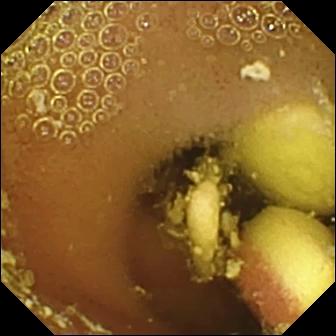Capsule endoscopy. Observation: foreign body (e.g. retained capsule, tablet residue).